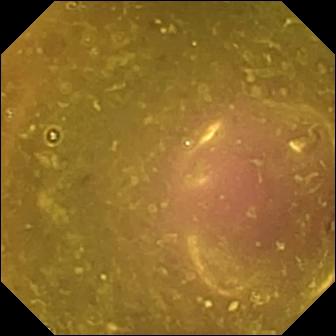Wireless capsule endoscopy — reduced mucosal view (content or bubbles obscuring the mucosa).